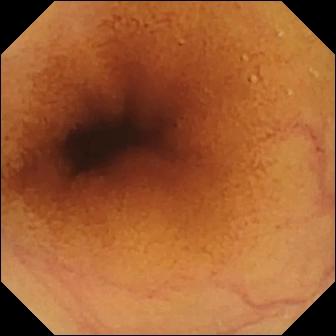PROCEDURE: VCE.
SEGMENT: Small intestine.
FINDINGS: Normal clean mucosa.